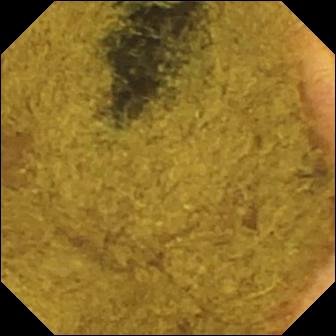{"modality": "video capsule endoscopy", "video_segment": "ileo-cecal valve region"}